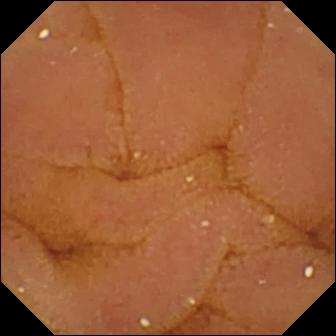modality: wireless capsule endoscopy | segment: small bowel | finding: normal clean mucosa